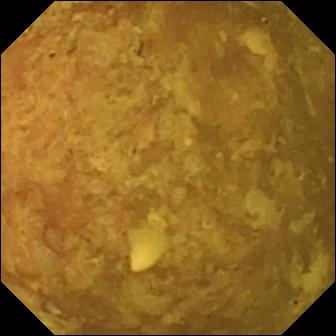Reduced mucosal view (content or bubbles obscuring the mucosa) — wireless capsule endoscopy view.